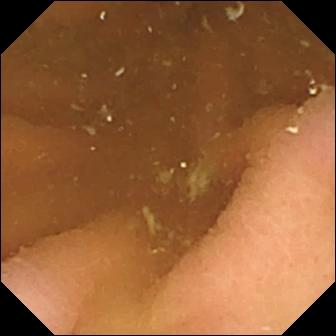modality: WCE; location: pylorus region (where the capsule passes from the stomach into the small bowel)